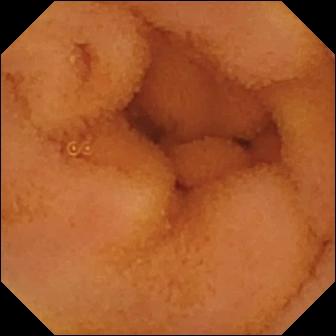Normal clean mucosa — wireless capsule endoscopy frame of the small intestine.